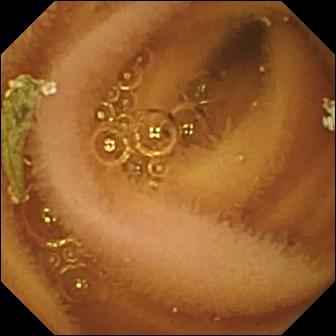Capsule endoscopy — normal clean mucosa.